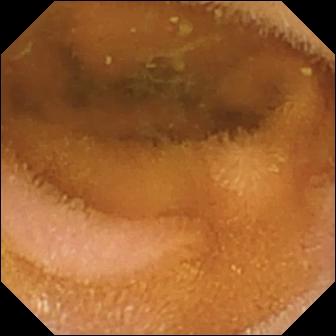{"modality": "video capsule endoscopy", "category": "luminal finding", "finding": "normal clean mucosa"}